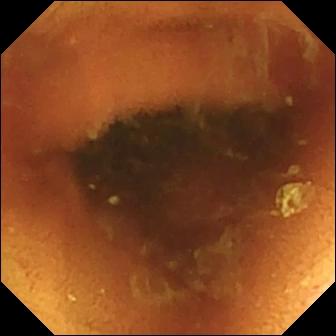Normal clean mucosa — video capsule endoscopy image.